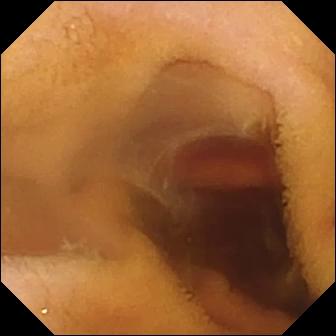Video capsule endoscopy snapshot, 336×336. Fresh blood in the lumen.